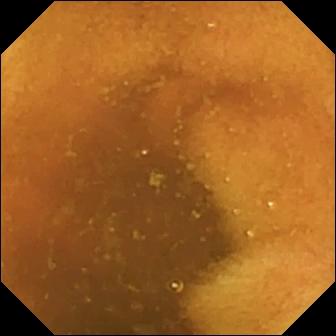VCE view, small bowel
Finding: normal clean mucosa